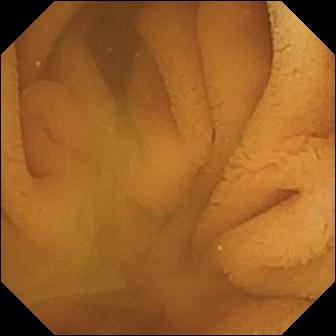WCE snapshot of the small bowel showing normal clean mucosa.